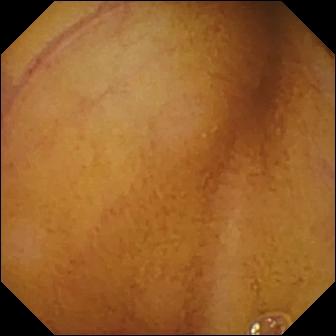Normal clean mucosa.